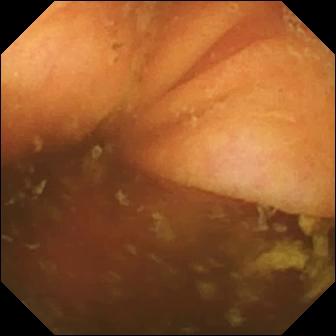Video capsule endoscopy — ileo-cecal valve region.